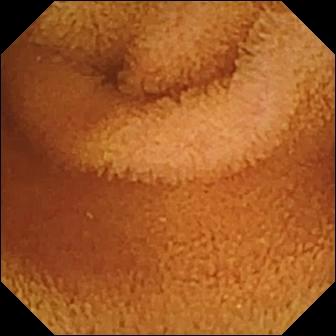modality: small-bowel capsule endoscopy | segment: small bowel | impression: normal clean mucosa